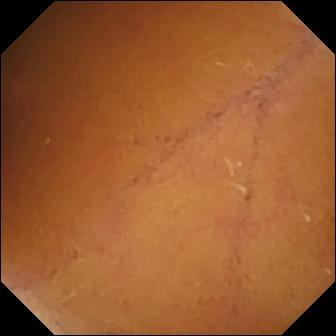{"modality": "VCE", "segment": "small bowel", "category": "luminal finding", "finding": "normal clean mucosa"}